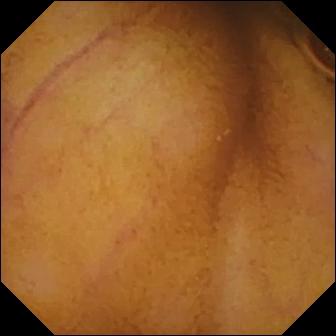{"modality": "WCE", "segment": "small bowel", "finding": "normal clean mucosa"}